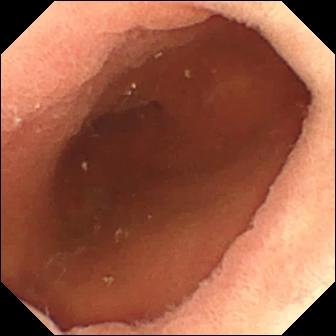{"modality": "capsule endoscopy", "label": "pylorus region"}